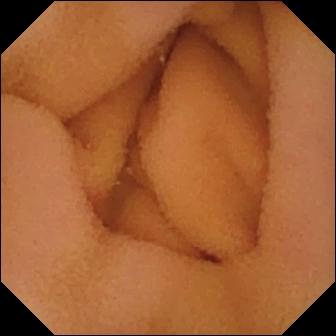This wireless capsule endoscopy image of the small intestine shows normal clean mucosa.